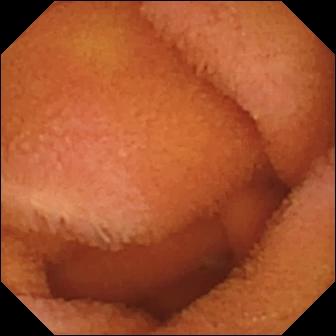VCE. Impression: normal clean mucosa.